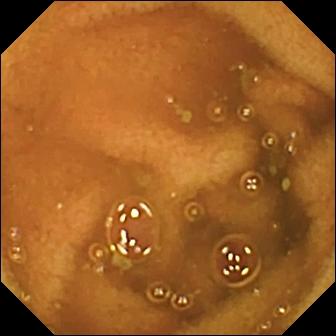Capsule endoscopy view of the small bowel showing normal clean mucosa.